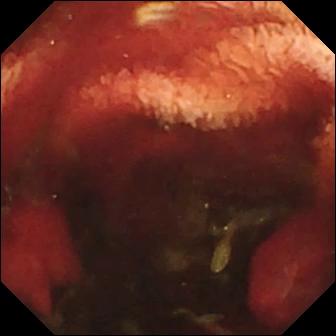- modality: video capsule endoscopy
- category: luminal finding
- impression: fresh blood in the lumen